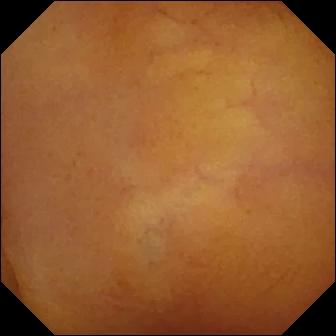Video capsule endoscopy snapshot, small bowel
Observation: normal clean mucosa